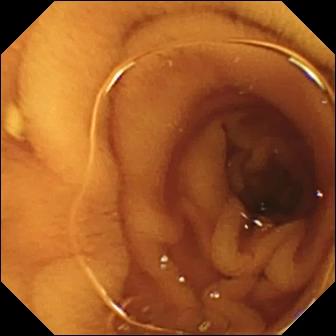Wireless capsule endoscopy view, 336×336. Normal clean mucosa.